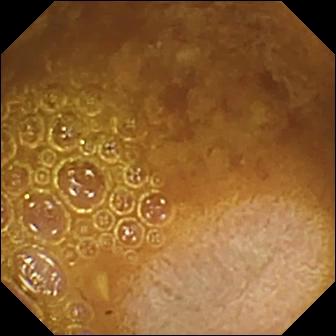Reduced mucosal view (content or bubbles obscuring the mucosa).